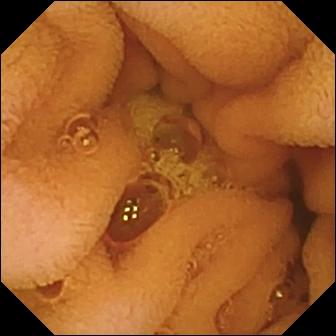{"modality": "video capsule endoscopy", "category": "luminal finding", "finding": "normal clean mucosa"}